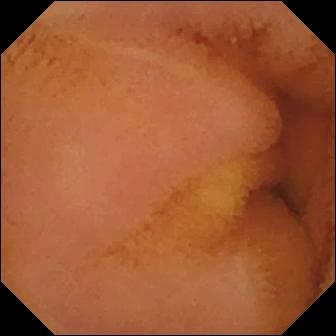Small-bowel capsule endoscopy — normal clean mucosa.